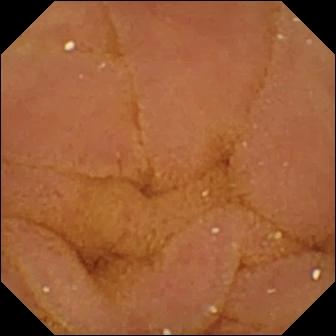Q: What does this VCE image of the small intestine show?
A: Normal clean mucosa.